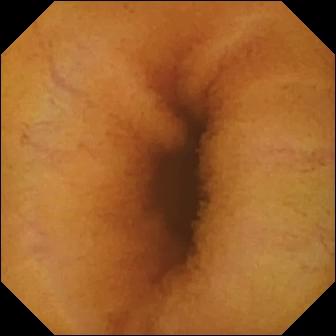This VCE view shows normal clean mucosa.